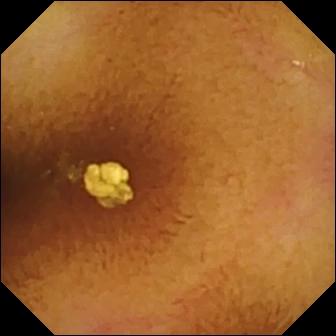Q: What does this capsule endoscopy image show?
A: Normal clean mucosa.